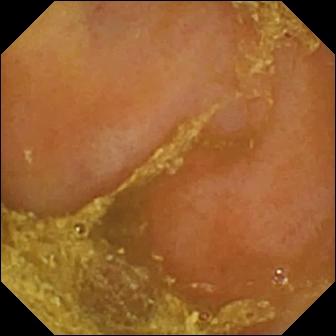VCE frame. Reduced mucosal view (content or bubbles obscuring the mucosa).